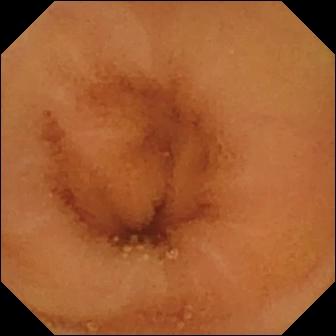Q: What does this small-bowel capsule endoscopy still show?
A: Normal clean mucosa.